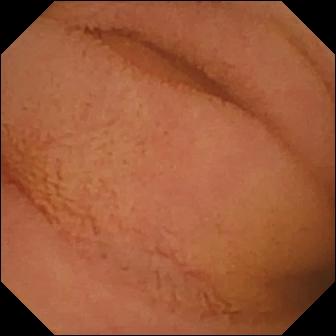Normal clean mucosa.